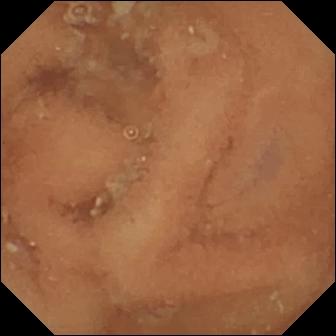Q: What does this small-bowel capsule endoscopy frame of the small bowel show?
A: Normal clean mucosa.